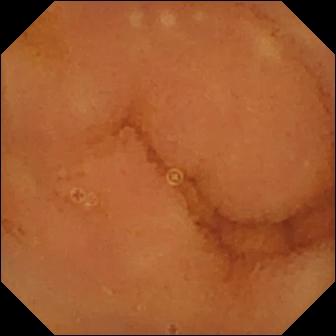This VCE image shows normal clean mucosa.